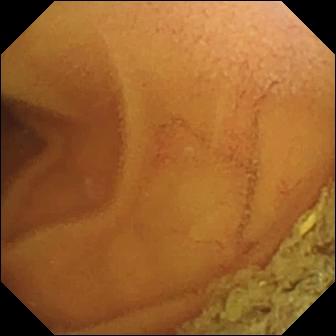WCE. Small bowel. Finding: normal clean mucosa.